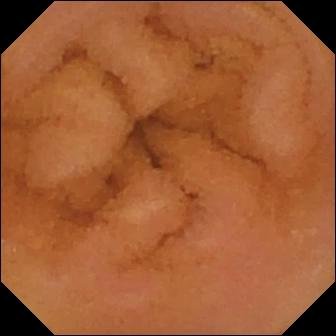This VCE still shows normal clean mucosa.